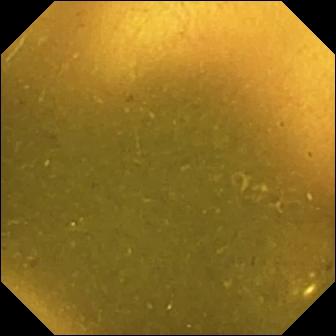VCE view
Video segment: ileo-cecal valve region (where the capsule passes from the small bowel into the large bowel)